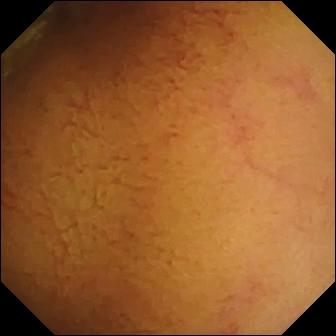modality: WCE; observation: normal clean mucosa